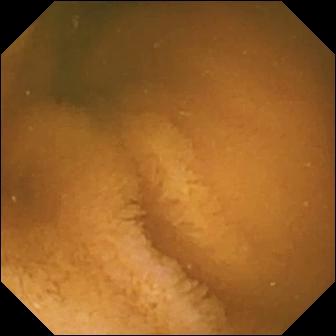This small-bowel capsule endoscopy view of the small intestine shows normal clean mucosa.